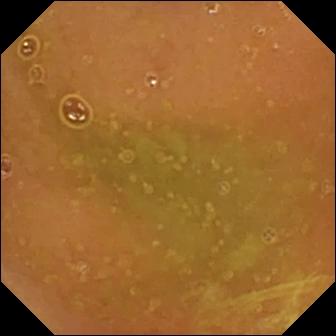Q: What does this WCE image of the small bowel show?
A: Normal clean mucosa.